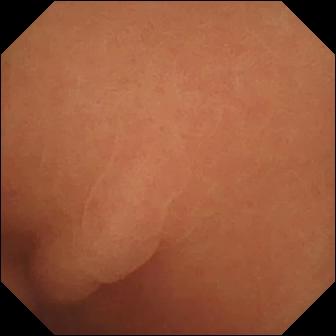Video capsule endoscopy frame showing normal clean mucosa.